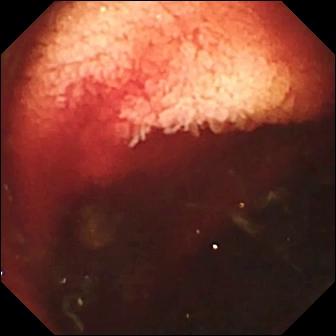This capsule endoscopy view shows fresh blood in the lumen.